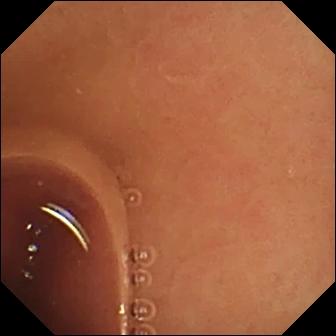Video capsule endoscopy image
Finding: normal clean mucosa